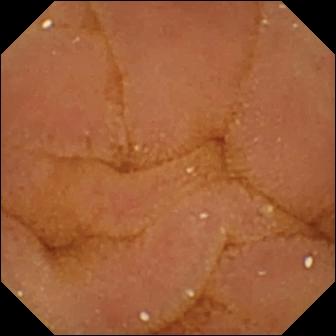This video capsule endoscopy snapshot of the small intestine shows normal clean mucosa.